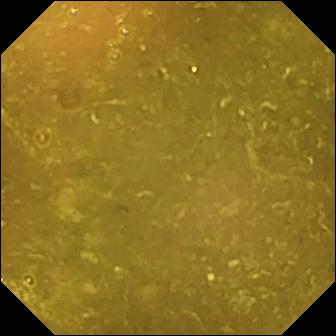PROCEDURE: Small-bowel capsule endoscopy.
SEGMENT: Small bowel.
FINDINGS: Reduced mucosal view (content or bubbles obscuring the mucosa).